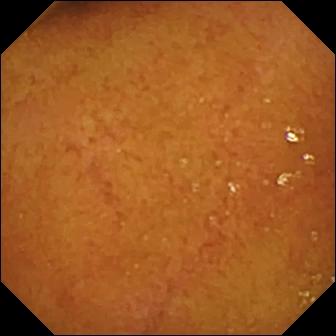- modality: capsule endoscopy
- segment: small intestine
- observation: normal clean mucosa